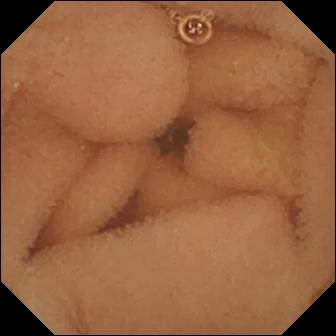modality: WCE; segment: small bowel; finding: normal clean mucosa